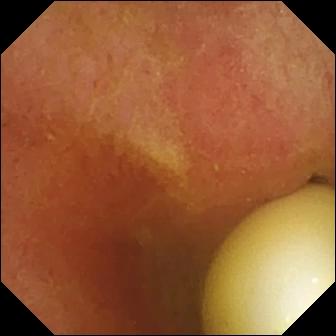PROCEDURE: VCE.
FINDINGS: Foreign body (e.g. retained capsule, tablet residue).